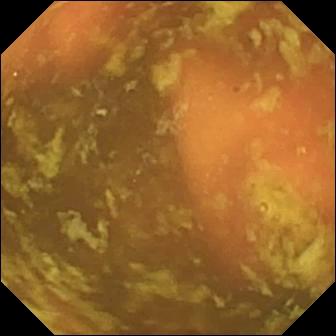Wireless capsule endoscopy snapshot taken in the ileo-cecal valve region (where the capsule passes from the small bowel into the large bowel).